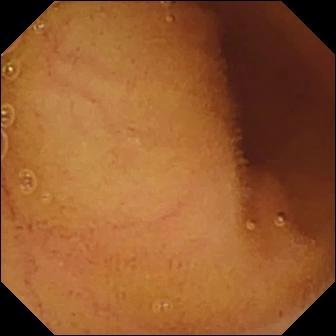PROCEDURE: Capsule endoscopy.
FINDINGS: Normal clean mucosa.